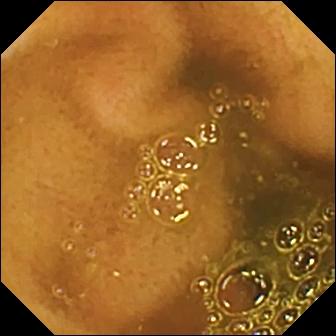{"modality": "small-bowel capsule endoscopy", "category": "anatomical landmark", "video_segment": "ileo-cecal valve region (the transition from the small bowel to the large bowel)"}